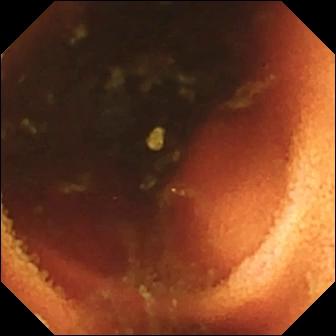{"modality": "VCE", "location": "ileo-cecal valve region"}